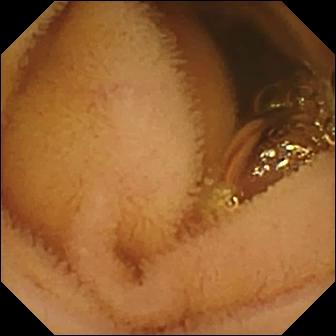Q: What does this wireless capsule endoscopy image show?
A: Normal clean mucosa.